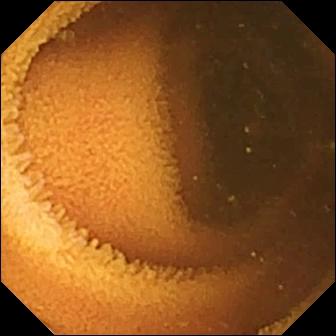Small-bowel capsule endoscopy — normal clean mucosa.